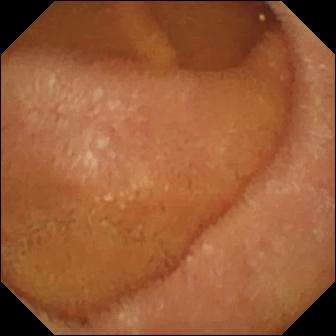Video capsule endoscopy still of the small bowel showing normal clean mucosa.